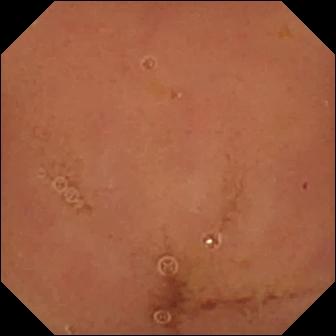Video capsule endoscopy still showing normal clean mucosa.